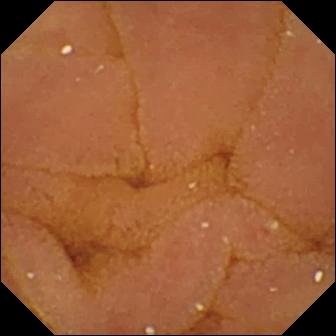Small-bowel capsule endoscopy — normal clean mucosa.